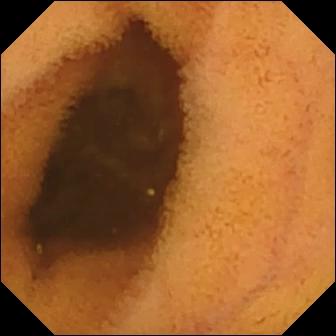modality: small-bowel capsule endoscopy
observation: normal clean mucosa